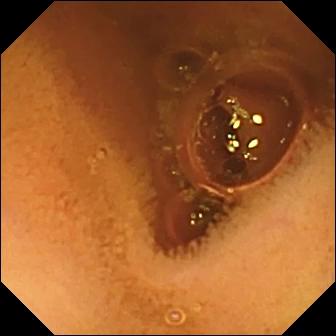{"modality": "capsule endoscopy", "segment": "small bowel", "finding": "normal clean mucosa"}